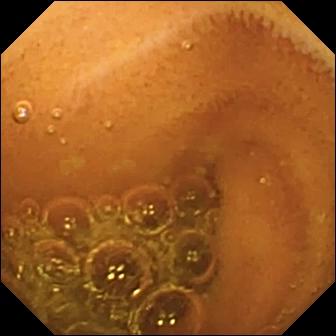Q: What does this WCE view of the small bowel show?
A: Normal clean mucosa.